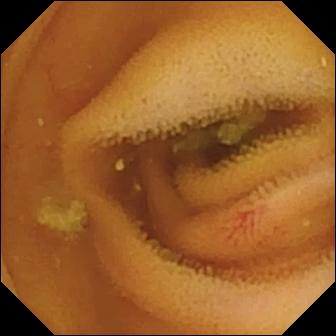Angiectasia — wireless capsule endoscopy snapshot.